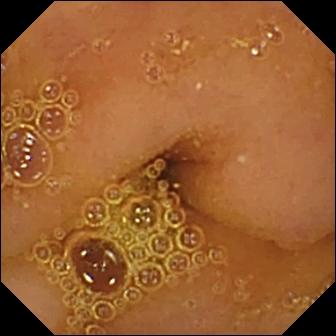{"modality": "VCE", "finding": "normal clean mucosa"}